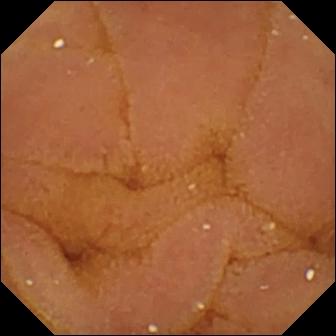modality: small-bowel capsule endoscopy
label: normal clean mucosa